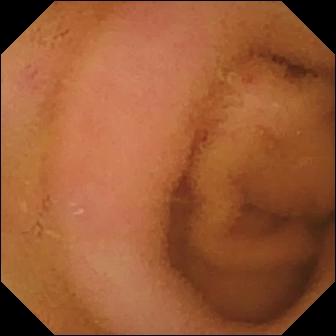VCE. Small bowel. Luminal finding. Observation: normal clean mucosa.